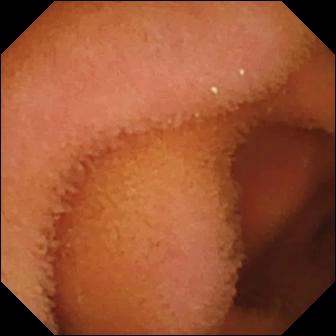Capsule endoscopy view showing normal clean mucosa.